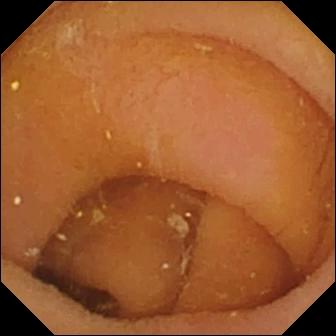modality: WCE
label: pylorus region